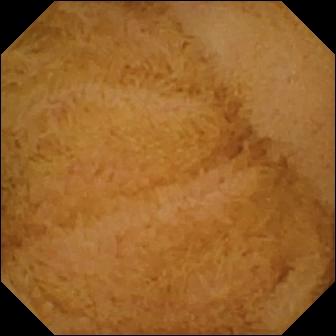Video capsule endoscopy still showing normal clean mucosa.